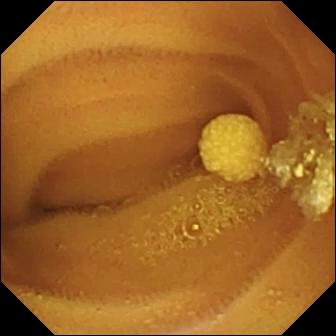PROCEDURE: Capsule endoscopy.
FINDINGS: Lymphangiectasia.